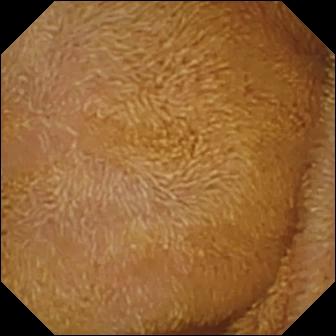Video capsule endoscopy snapshot showing normal clean mucosa.